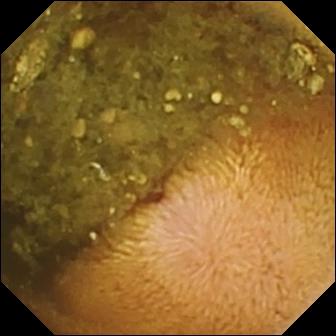Reduced mucosal view (content or bubbles obscuring the mucosa).